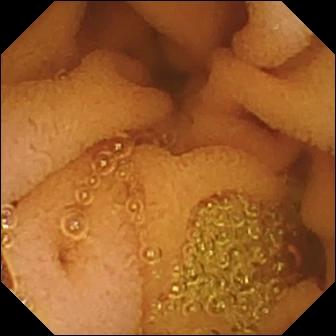PROCEDURE: Capsule endoscopy.
SEGMENT: Small intestine.
FINDINGS: Normal clean mucosa.